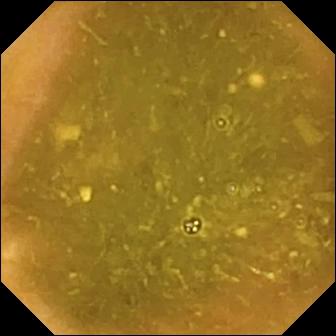modality: small-bowel capsule endoscopy; position: ileo-cecal valve region